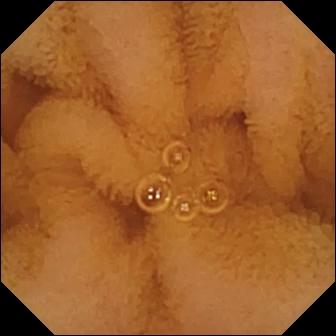PROCEDURE: Small-bowel capsule endoscopy.
FINDINGS: Normal clean mucosa.